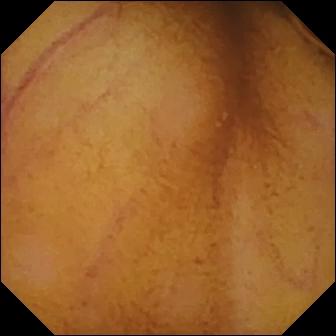Wireless capsule endoscopy still showing normal clean mucosa.